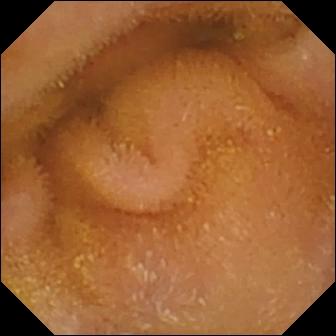WCE still (small intestine). Normal clean mucosa.